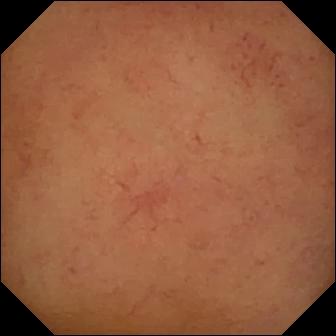Video capsule endoscopy view. Normal clean mucosa.